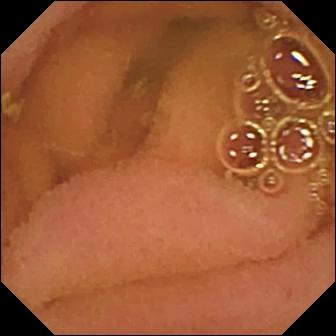Capsule endoscopy — normal clean mucosa.